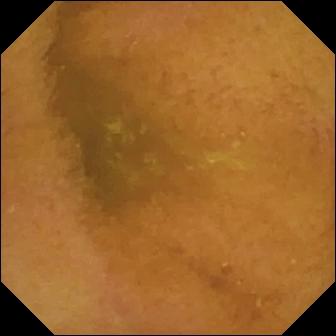PROCEDURE: Wireless capsule endoscopy.
SEGMENT: Small intestine.
FINDINGS: Normal clean mucosa.